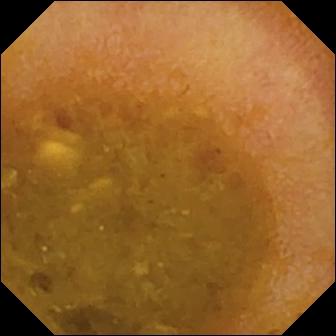PROCEDURE: Small-bowel capsule endoscopy.
FINDINGS: Reduced mucosal view (content or bubbles obscuring the mucosa).